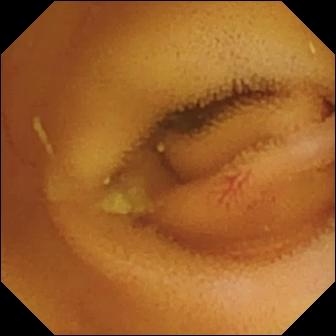VCE. Luminal finding. Finding: angiectasia.